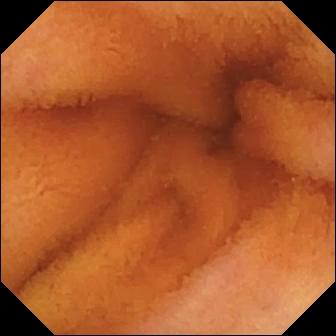WCE. Small bowel. Luminal finding. Impression: normal clean mucosa.